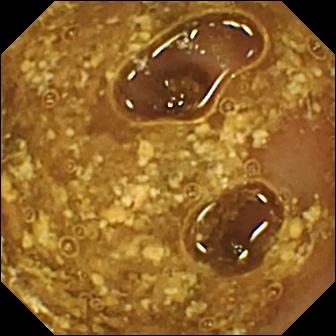{"modality": "small-bowel capsule endoscopy", "segment": "small intestine", "category": "luminal finding", "finding": "reduced mucosal view (content or bubbles obscuring the mucosa)"}